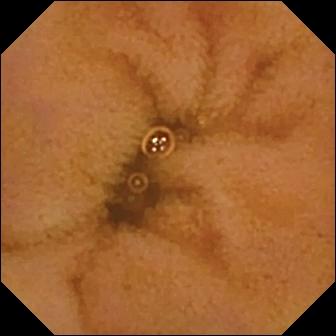Wireless capsule endoscopy view
Impression: normal clean mucosa